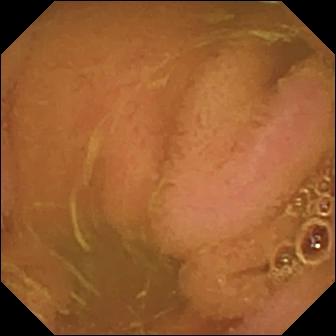modality: capsule endoscopy; segment: small intestine; finding: normal clean mucosa